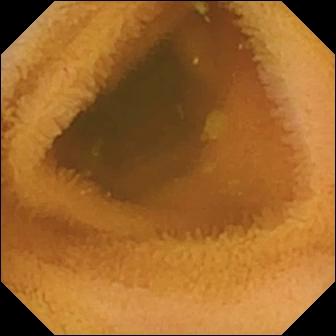{"modality": "VCE", "segment": "small intestine", "category": "luminal finding", "finding": "normal clean mucosa"}